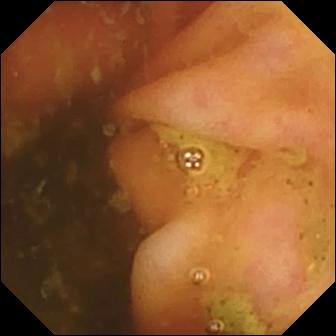VCE. Label: ileo-cecal valve region.